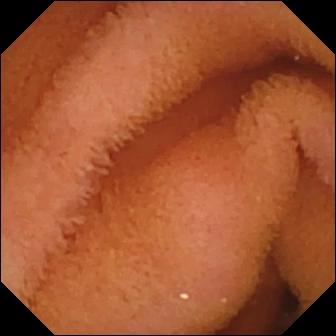Normal clean mucosa (336×336).